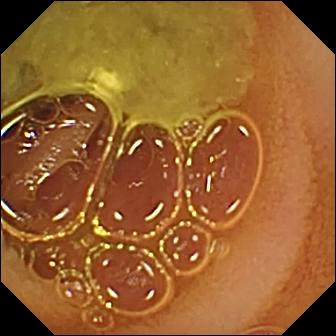PROCEDURE: VCE.
FINDINGS: Normal clean mucosa.